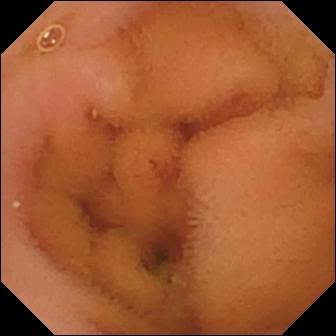Video capsule endoscopy image. Normal clean mucosa.